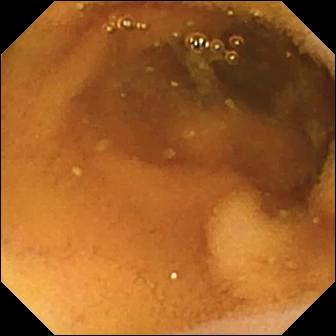This WCE image of the small bowel shows normal clean mucosa.